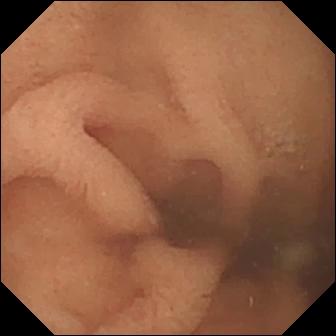{"modality": "VCE", "finding": "normal clean mucosa"}